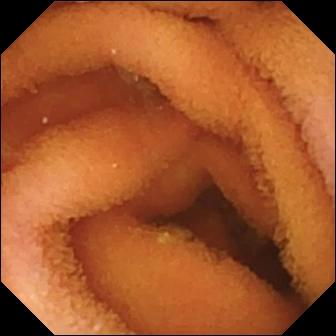- modality: VCE
- segment: small intestine
- observation: normal clean mucosa